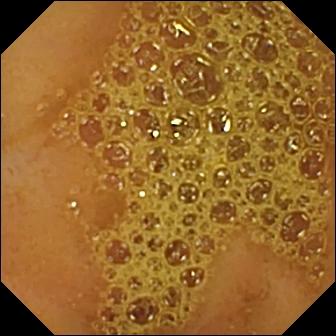Capsule endoscopy still. Taken in the ileo-cecal valve region (the transition from the small bowel to the large bowel).